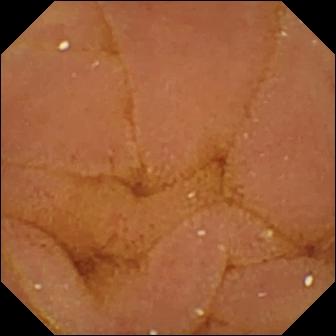Capsule endoscopy. Small intestine. Finding: normal clean mucosa.